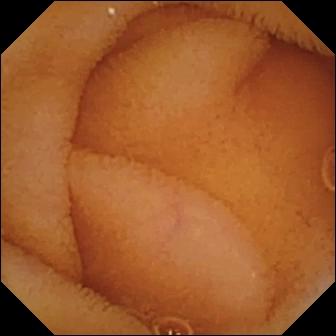Wireless capsule endoscopy. Luminal finding. Label: normal clean mucosa.